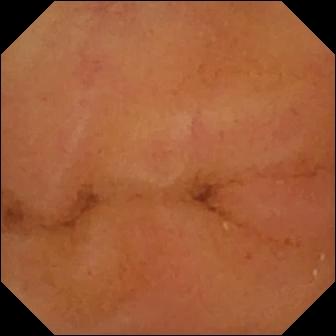Small-bowel capsule endoscopy still
Observation: normal clean mucosa